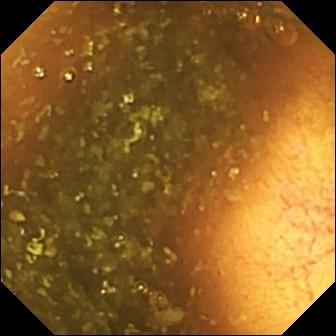Ileo-cecal valve region (the transition from the small bowel to the large bowel) — video capsule endoscopy still.